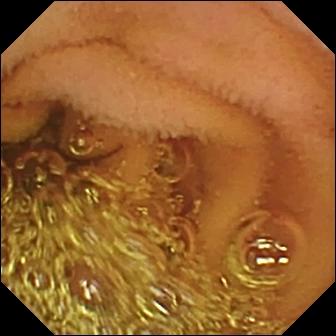Capsule endoscopy frame showing normal clean mucosa.